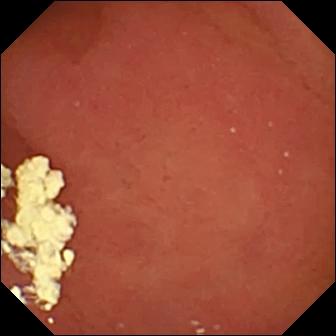modality: wireless capsule endoscopy
category: anatomical landmark
video segment: pylorus region